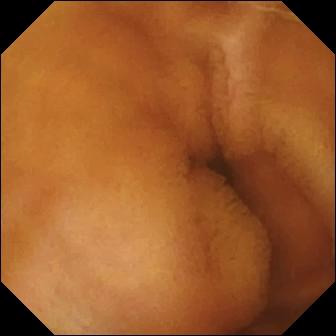Normal clean mucosa — WCE view of the small bowel.